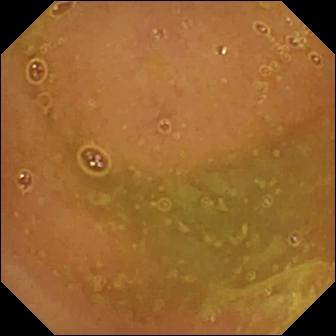PROCEDURE: Video capsule endoscopy.
FINDINGS: Normal clean mucosa.